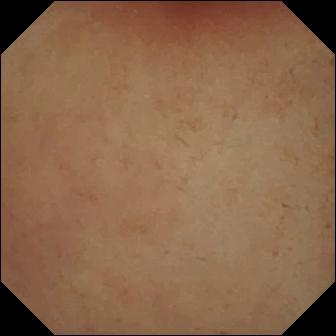PROCEDURE: VCE.
POSITION: Pylorus region (the junction between the stomach and the small bowel).